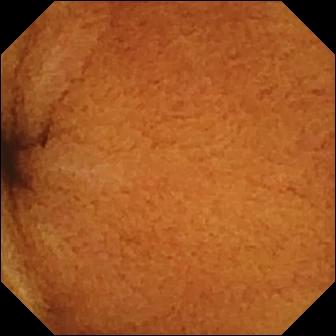Normal clean mucosa — video capsule endoscopy view.